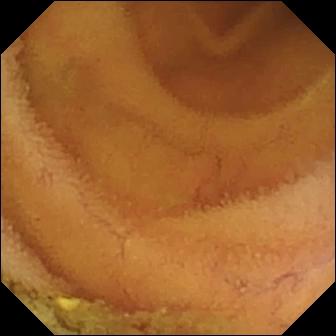Small-bowel capsule endoscopy frame of the small intestine showing normal clean mucosa.